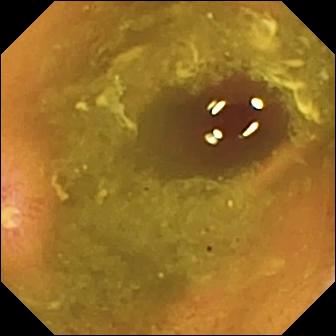Q: What does this wireless capsule endoscopy still show?
A: Ulcer.